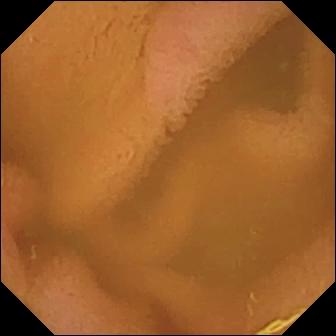modality: capsule endoscopy; finding: normal clean mucosa